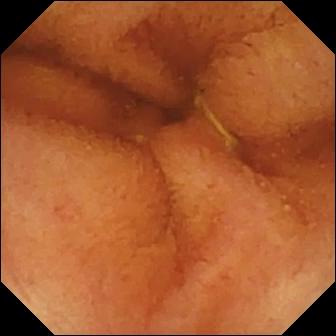This video capsule endoscopy view shows normal clean mucosa.